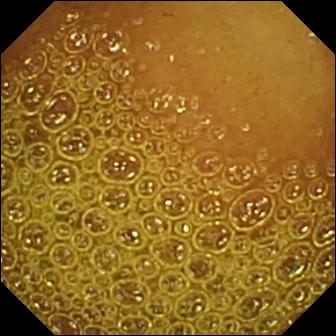WCE — normal clean mucosa.